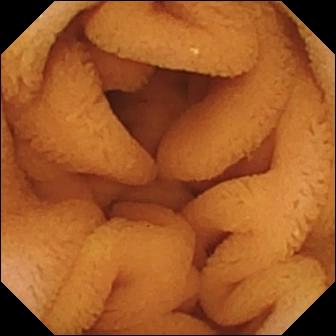VCE view, small intestine
Finding: normal clean mucosa